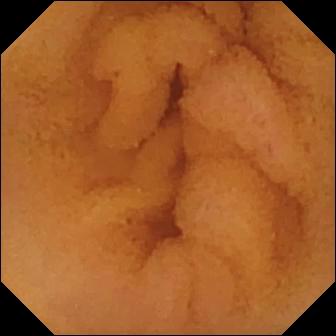PROCEDURE: WCE.
FINDINGS: Normal clean mucosa.